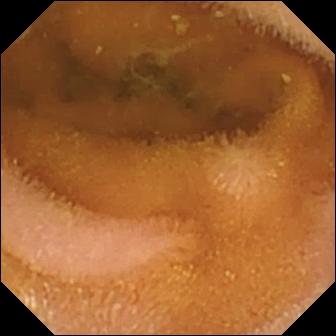VCE — normal clean mucosa.